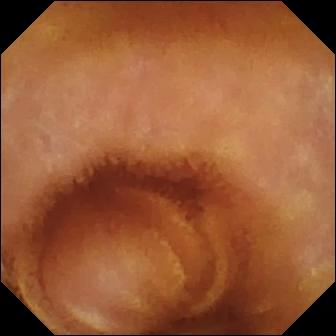VCE view of the small intestine showing normal clean mucosa.